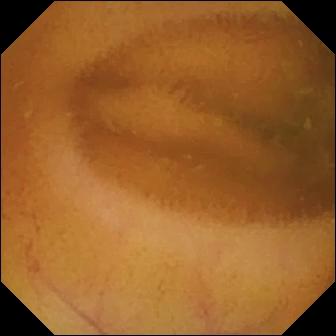modality: video capsule endoscopy | impression: normal clean mucosa